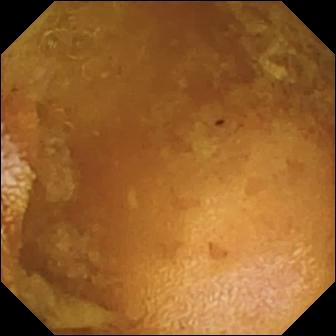Reduced mucosal view (content or bubbles obscuring the mucosa).